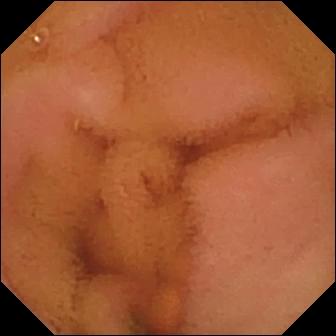Normal clean mucosa.